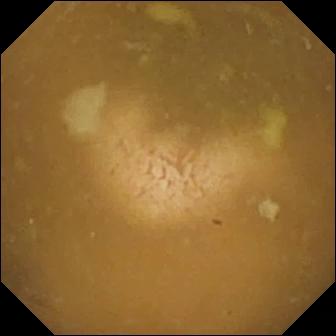Ileo-cecal valve region — capsule endoscopy snapshot.